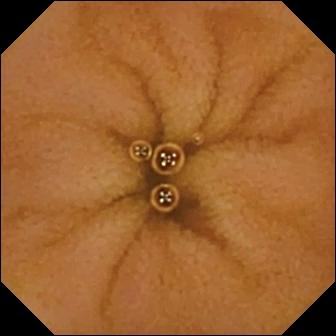Capsule endoscopy still showing normal clean mucosa.